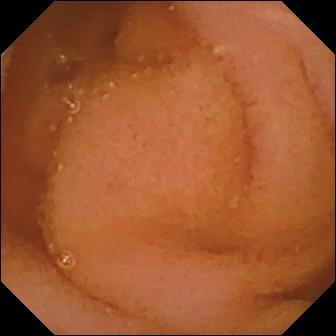modality: wireless capsule endoscopy
category: luminal finding
label: normal clean mucosa